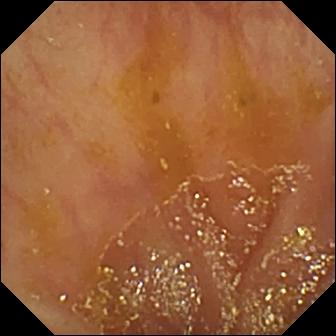Capsule endoscopy snapshot. Taken in the ileo-cecal valve region.